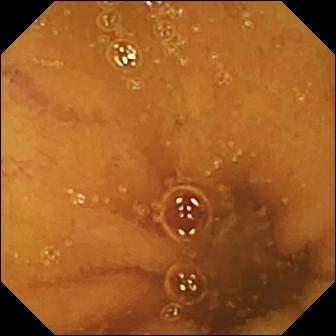Wireless capsule endoscopy image (small bowel). Normal clean mucosa.